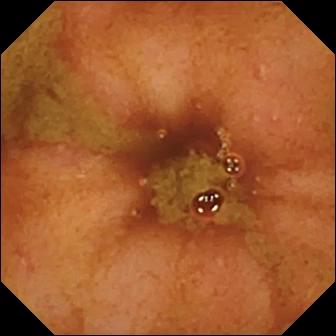Small-bowel capsule endoscopy frame. Taken in the ileo-cecal valve region (where the capsule passes from the small bowel into the large bowel).